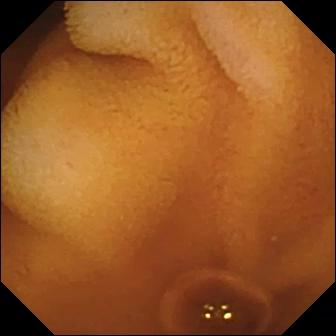Normal clean mucosa — video capsule endoscopy still.